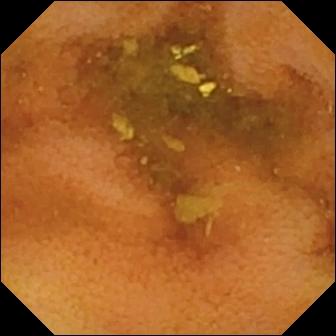WCE. Small bowel. Luminal finding. Observation: normal clean mucosa.